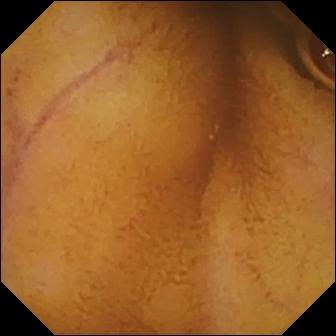Q: What does this capsule endoscopy snapshot of the small intestine show?
A: Normal clean mucosa.